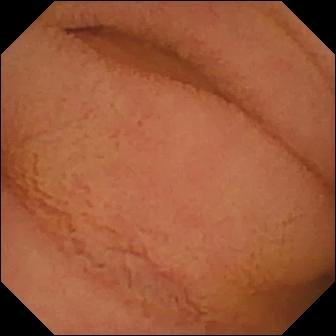PROCEDURE: Small-bowel capsule endoscopy.
SEGMENT: Small bowel.
FINDINGS: Normal clean mucosa.